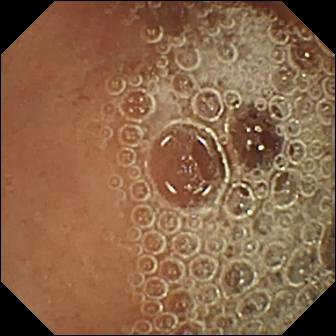PROCEDURE: VCE.
FINDINGS: Normal clean mucosa.